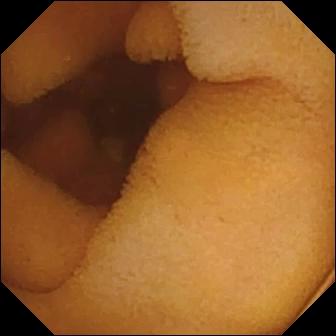WCE. Small bowel. Luminal finding. Label: normal clean mucosa.